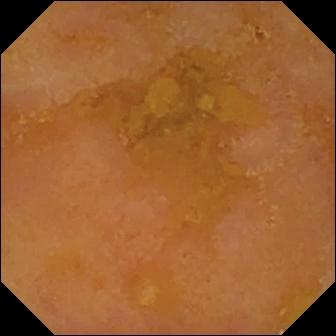PROCEDURE: WCE.
SEGMENT: Small intestine.
FINDINGS: Reduced mucosal view (content or bubbles obscuring the mucosa).